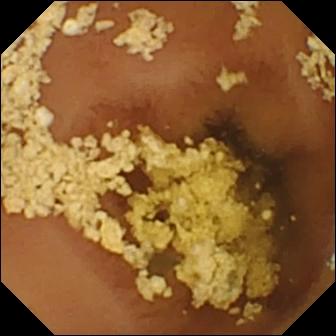PROCEDURE: Capsule endoscopy.
FINDINGS: Normal clean mucosa.